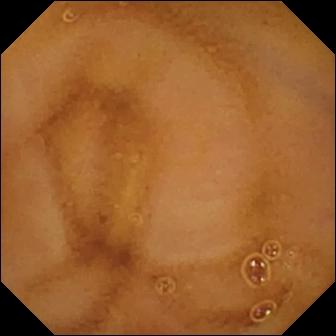{"modality": "video capsule endoscopy", "finding": "normal clean mucosa"}